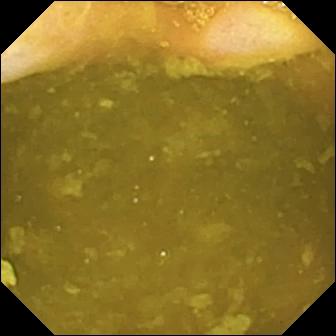Ileo-cecal valve region (the transition from the small bowel to the large bowel), 336×336.